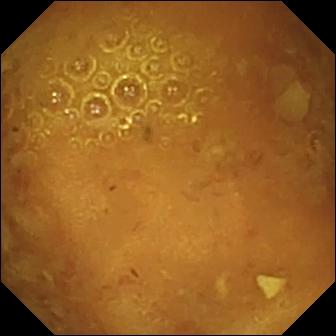Small-bowel capsule endoscopy snapshot showing reduced mucosal view (content or bubbles obscuring the mucosa).